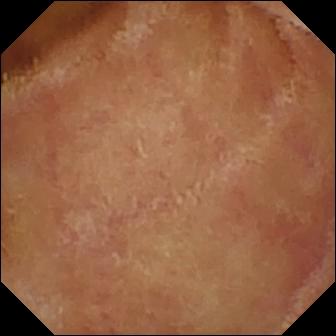Wireless capsule endoscopy frame, 336×336. Normal clean mucosa.